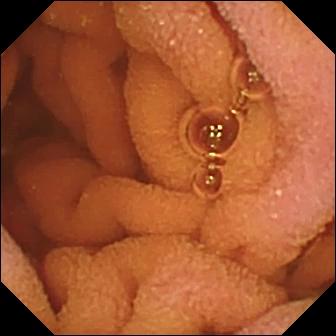{"modality": "VCE", "category": "luminal finding", "finding": "normal clean mucosa"}